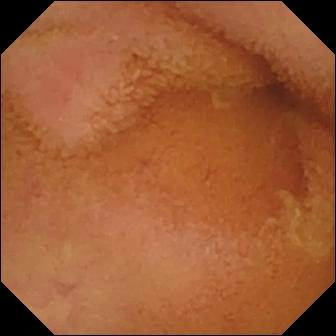Normal clean mucosa — capsule endoscopy snapshot of the small bowel.